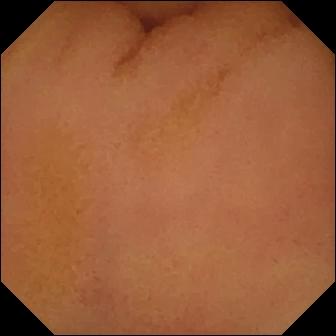This VCE still of the small bowel shows normal clean mucosa.